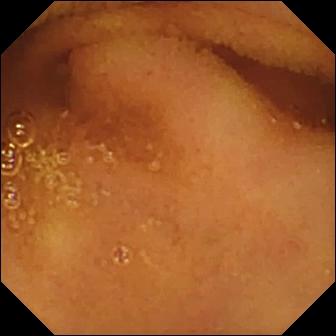Normal clean mucosa — VCE frame.